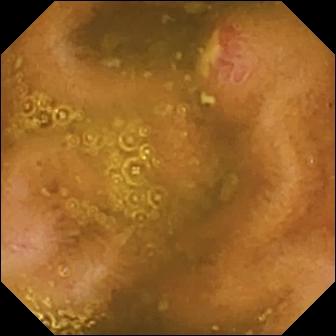Video capsule endoscopy frame
Observation: ulcer